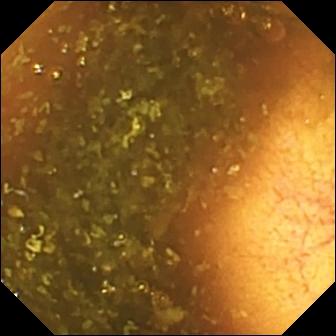This WCE snapshot was taken in the ileo-cecal valve region (the transition from the small bowel to the large bowel).